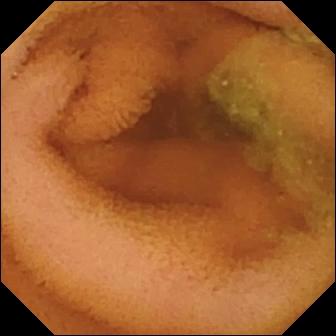WCE image
Label: normal clean mucosa